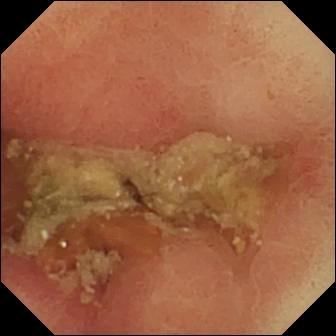PROCEDURE: Small-bowel capsule endoscopy.
LOCATION: Pylorus region (where the capsule passes from the stomach into the small bowel).